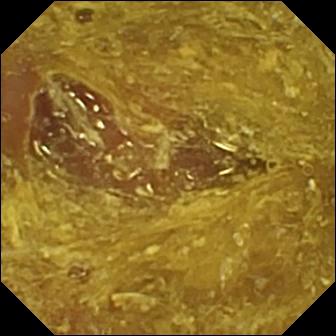Video capsule endoscopy view showing reduced mucosal view (content or bubbles obscuring the mucosa).